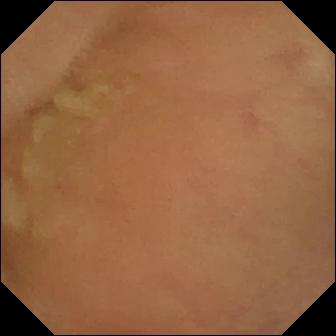Normal clean mucosa.